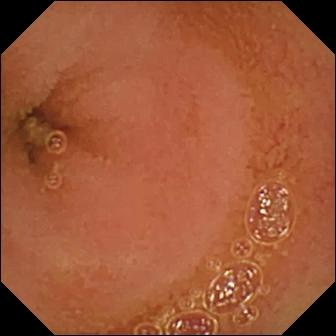Wireless capsule endoscopy frame, small bowel
Impression: normal clean mucosa